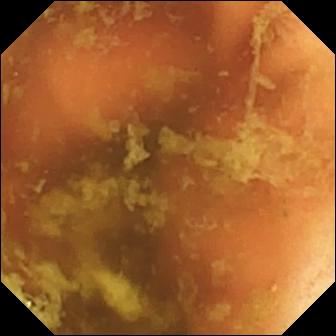Ileo-cecal valve region (the transition from the small bowel to the large bowel).